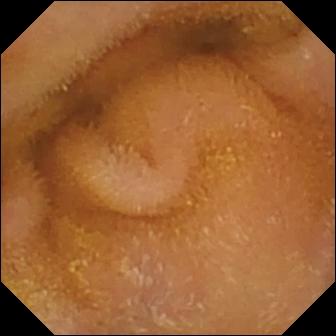Wireless capsule endoscopy — normal clean mucosa.